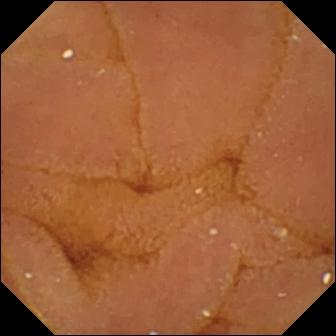This wireless capsule endoscopy snapshot of the small bowel shows normal clean mucosa.